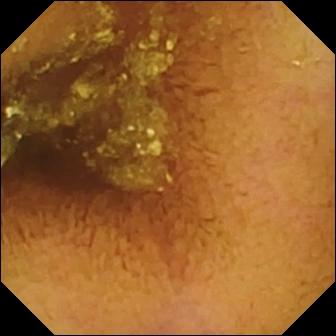PROCEDURE: Wireless capsule endoscopy.
SEGMENT: Small bowel.
FINDINGS: Normal clean mucosa.